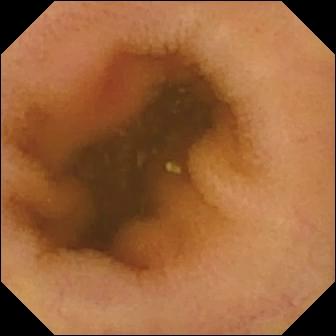VCE — erythema (mucosal redness).